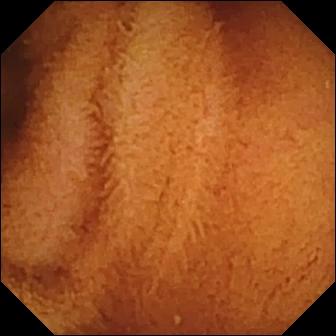This capsule endoscopy frame of the small intestine shows normal clean mucosa.